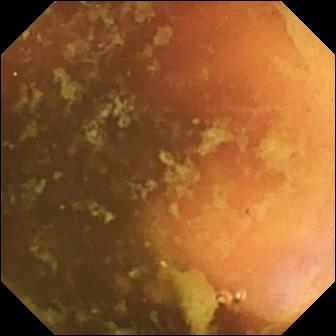modality: VCE | location: ileo-cecal valve region (the transition from the small bowel to the large bowel)